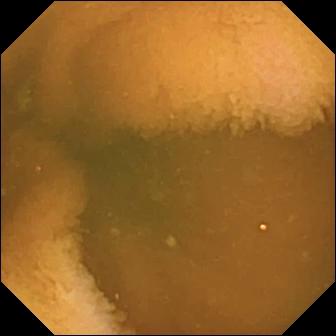This VCE view of the small bowel shows normal clean mucosa.